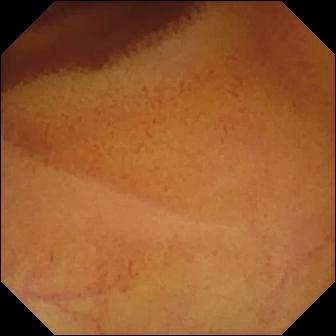This VCE still of the small intestine shows normal clean mucosa.